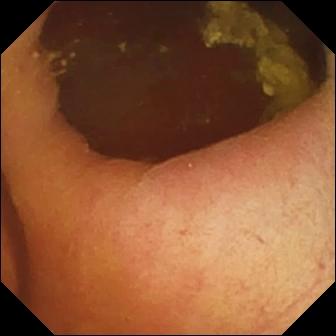Foreign body (e.g. retained capsule, tablet residue) — capsule endoscopy image.